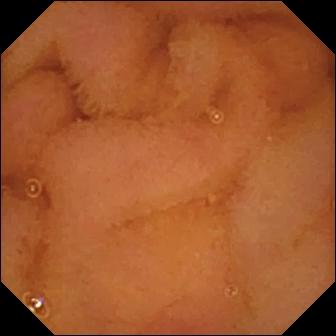Small-bowel capsule endoscopy image (small intestine). Normal clean mucosa.